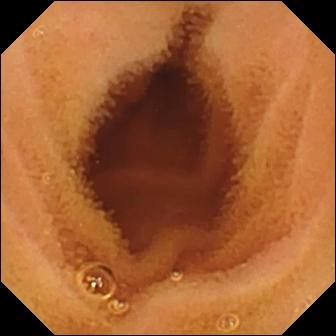Q: What does this small-bowel capsule endoscopy view show?
A: Normal clean mucosa.